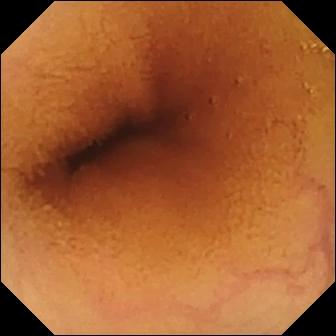Wireless capsule endoscopy image. Normal clean mucosa.